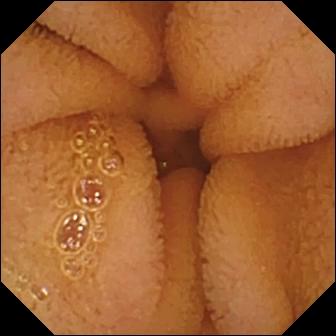Capsule endoscopy. Label: normal clean mucosa.